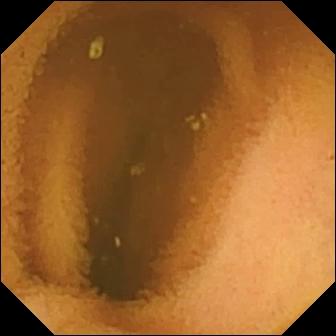Video capsule endoscopy image. Normal clean mucosa.